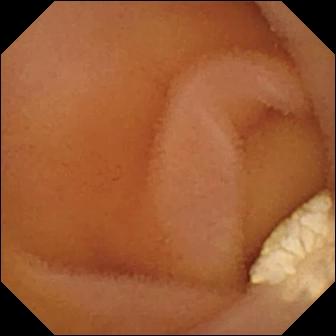Capsule endoscopy frame. Lymphangiectasia.